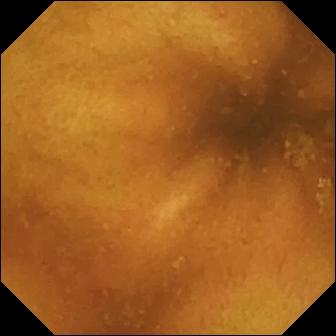Video capsule endoscopy snapshot, 336×336. Normal clean mucosa.